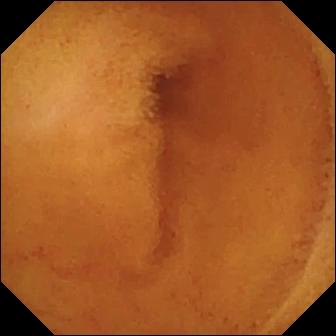WCE view (small intestine), 336×336. Normal clean mucosa.